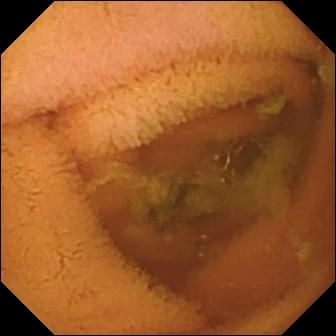Small-bowel capsule endoscopy frame (small bowel). Normal clean mucosa.